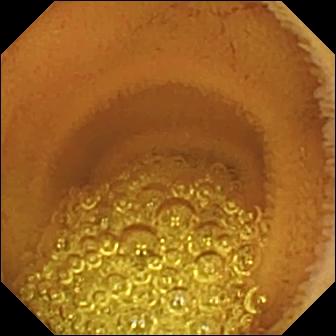PROCEDURE: Video capsule endoscopy.
SEGMENT: Small intestine.
FINDINGS: Normal clean mucosa.